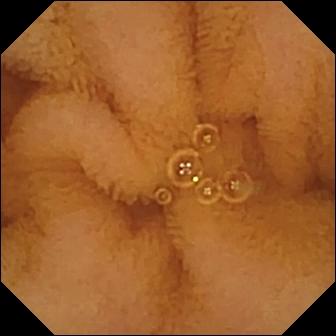VCE. Label: normal clean mucosa.